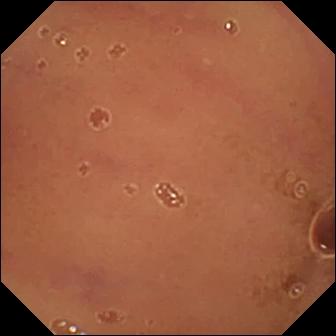{"modality": "wireless capsule endoscopy", "segment": "small intestine", "category": "luminal finding", "finding": "normal clean mucosa"}